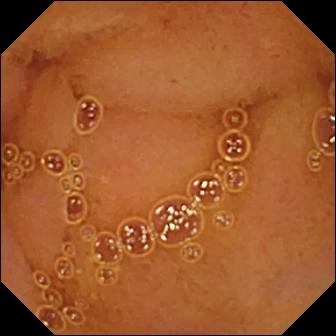{"modality": "wireless capsule endoscopy", "segment": "small bowel", "category": "luminal finding", "finding": "normal clean mucosa"}